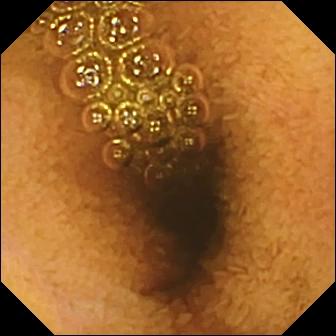{"modality": "small-bowel capsule endoscopy", "finding": "reduced mucosal view (content or bubbles obscuring the mucosa)"}